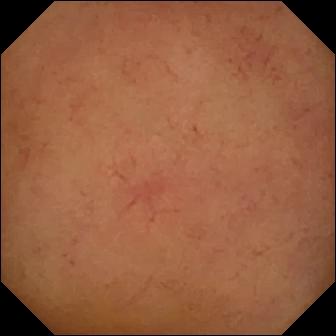WCE. Observation: normal clean mucosa.